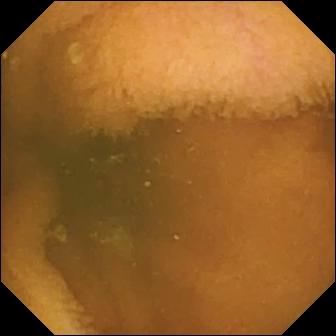This small-bowel capsule endoscopy view shows normal clean mucosa.